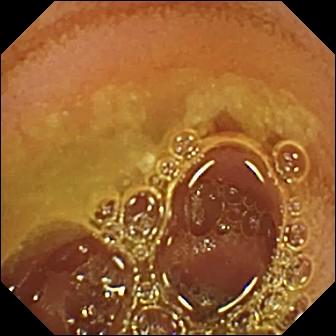Capsule endoscopy — normal clean mucosa.